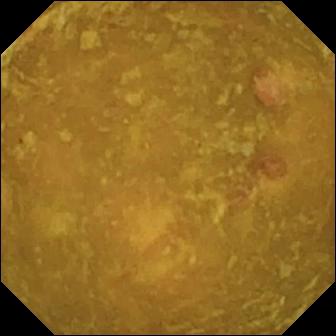modality: WCE
finding: reduced mucosal view (content or bubbles obscuring the mucosa)